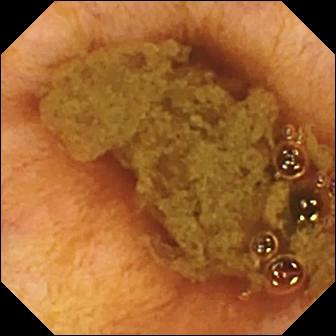Q: Where in the digestive tract was this WCE still taken?
A: Ileo-cecal valve region (the transition from the small bowel to the large bowel).